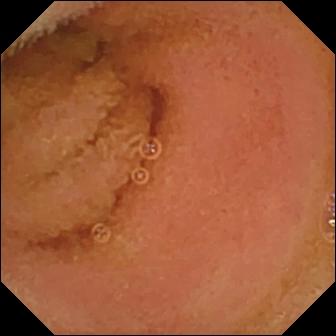Q: What does this video capsule endoscopy snapshot of the small intestine show?
A: Normal clean mucosa.